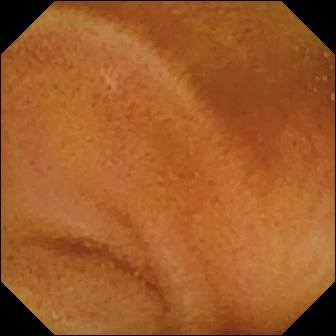Wireless capsule endoscopy frame showing normal clean mucosa.